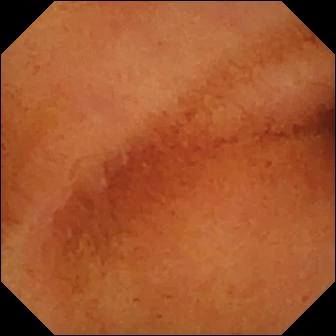Normal clean mucosa — VCE frame of the small bowel.